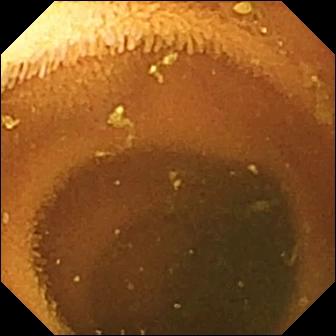Capsule endoscopy frame of the small intestine showing normal clean mucosa.